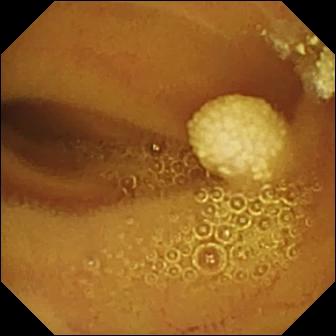modality: video capsule endoscopy
finding: lymphangiectasia